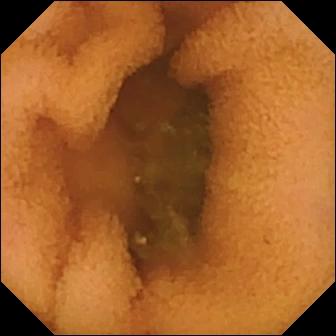Normal clean mucosa.